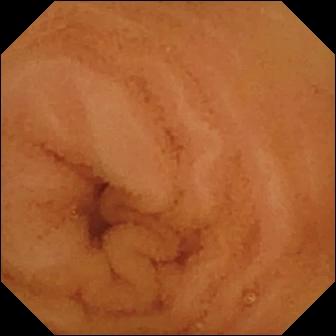Capsule endoscopy frame, small bowel
Impression: normal clean mucosa